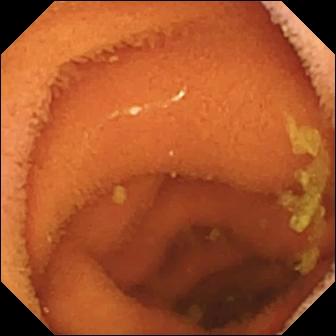VCE still
Impression: normal clean mucosa